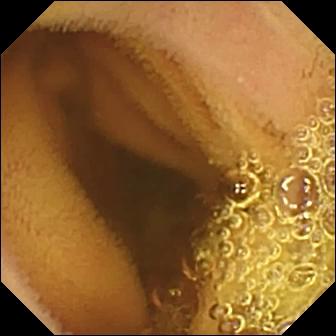Q: What does this video capsule endoscopy frame show?
A: Normal clean mucosa.